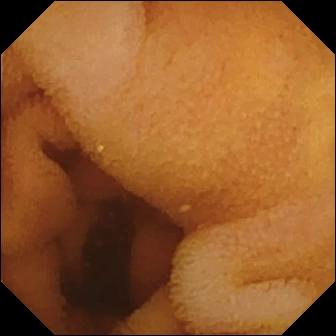PROCEDURE: Small-bowel capsule endoscopy.
SEGMENT: Small intestine.
FINDINGS: Normal clean mucosa.